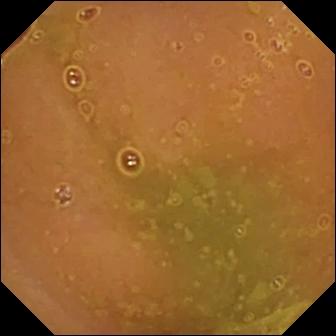WCE image
Impression: normal clean mucosa